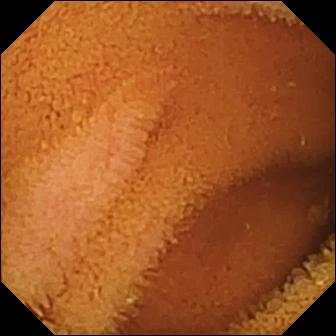Video capsule endoscopy. Label: normal clean mucosa.